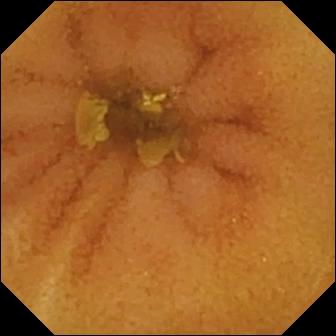- modality: video capsule endoscopy
- segment: small bowel
- impression: normal clean mucosa